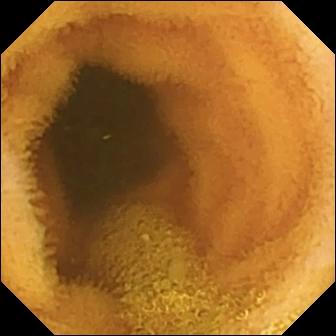Q: What does this wireless capsule endoscopy snapshot of the small bowel show?
A: Normal clean mucosa.